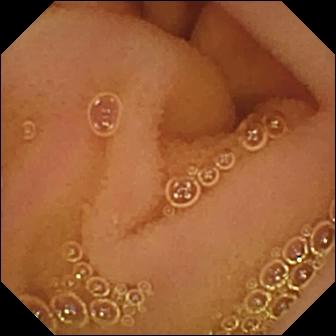Video capsule endoscopy — normal clean mucosa.